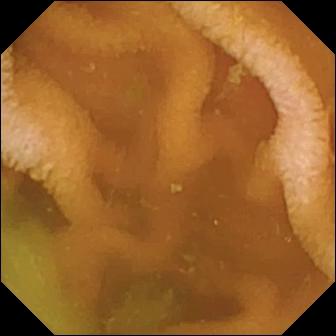VCE — normal clean mucosa.